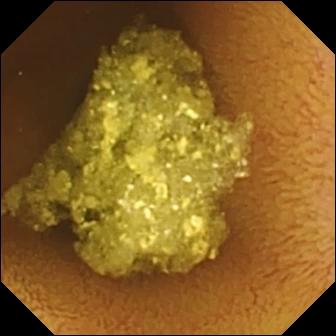Small-bowel capsule endoscopy frame
Label: normal clean mucosa